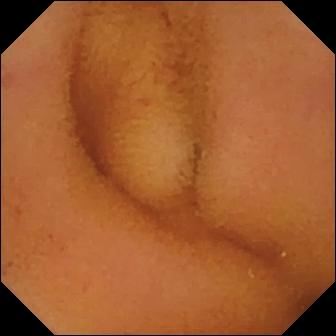Capsule endoscopy view of the small bowel showing normal clean mucosa.